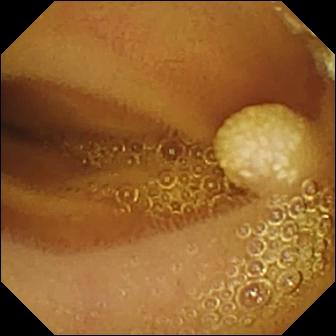{"modality": "VCE", "category": "luminal finding", "finding": "lymphangiectasia"}